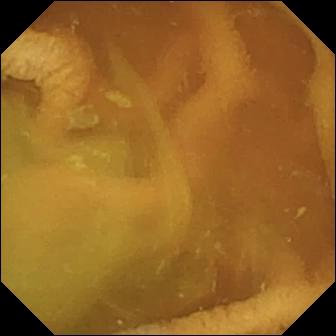PROCEDURE: Wireless capsule endoscopy.
SEGMENT: Small intestine.
FINDINGS: Normal clean mucosa.